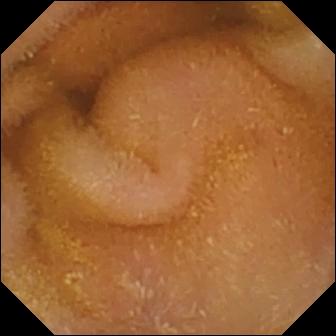Small-bowel capsule endoscopy image
Observation: normal clean mucosa